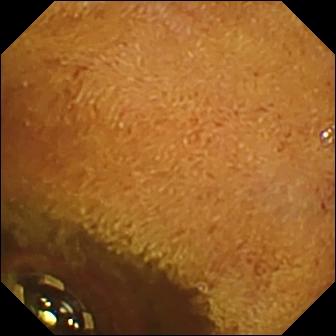modality: video capsule endoscopy; category: luminal finding; label: foreign body (e.g. retained capsule, tablet residue)